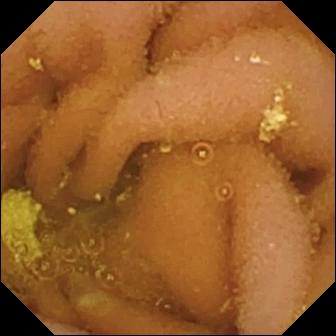Q: What does this WCE frame show?
A: Lymphangiectasia.